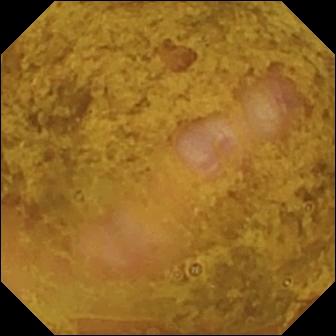Video capsule endoscopy image
Label: ileo-cecal valve region